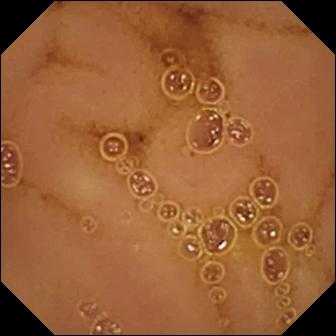VCE. Luminal finding. Observation: normal clean mucosa.